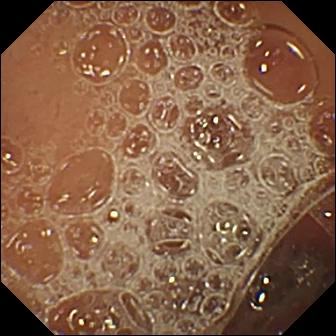VCE — normal clean mucosa.